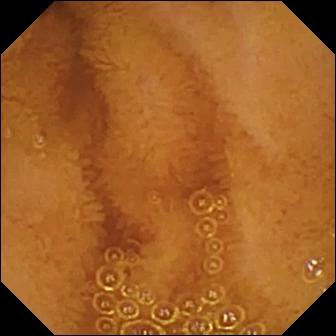Wireless capsule endoscopy still
Finding: normal clean mucosa